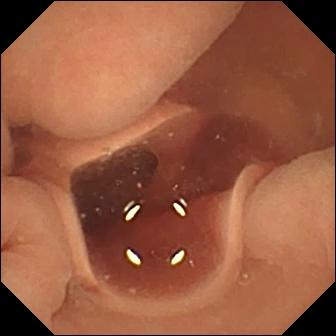Small-bowel capsule endoscopy image. Normal clean mucosa.